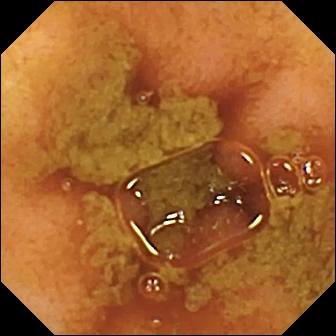Capsule endoscopy — ileo-cecal valve region (where the capsule passes from the small bowel into the large bowel).